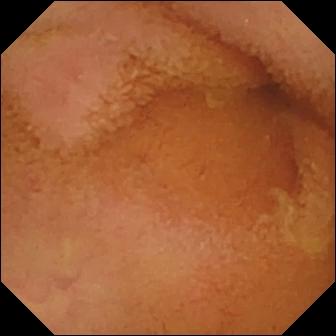Q: What does this wireless capsule endoscopy frame of the small bowel show?
A: Normal clean mucosa.